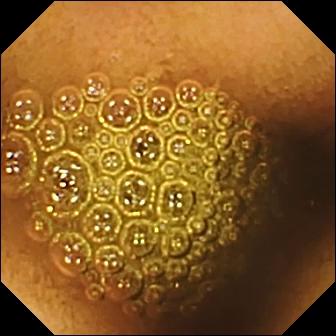- modality: capsule endoscopy
- segment: small intestine
- observation: reduced mucosal view (content or bubbles obscuring the mucosa)